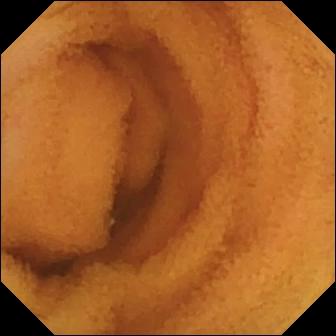Video capsule endoscopy image. Normal clean mucosa.